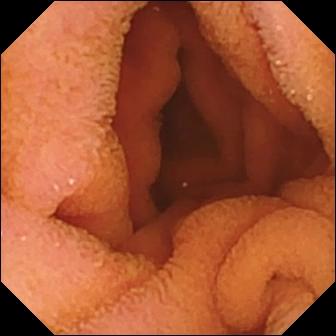WCE image
Label: normal clean mucosa